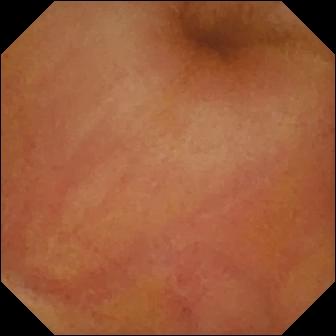{"modality": "small-bowel capsule endoscopy", "finding": "erythema (mucosal redness)"}